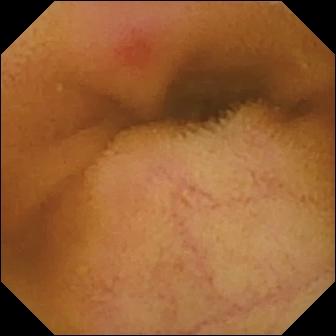Wireless capsule endoscopy. Label: erythema (mucosal redness).